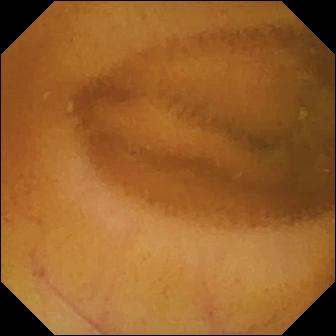Normal clean mucosa.